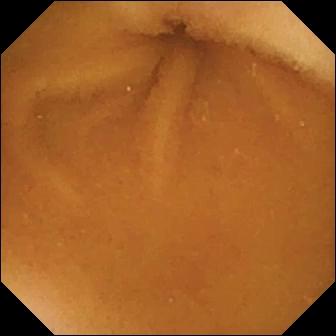VCE. Finding: normal clean mucosa.